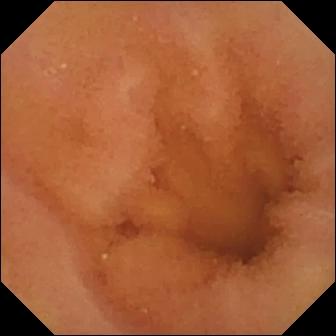- modality: video capsule endoscopy
- observation: normal clean mucosa